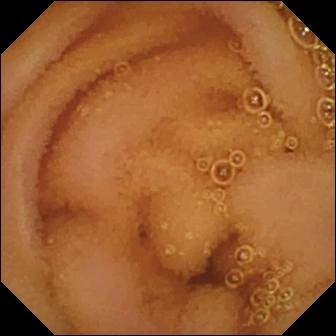{"modality": "VCE", "category": "luminal finding", "finding": "normal clean mucosa"}